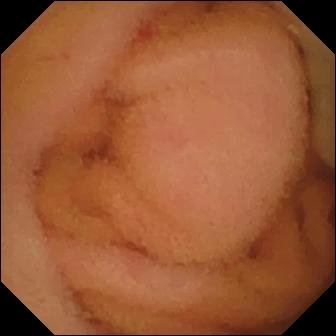modality: WCE
segment: small bowel
label: normal clean mucosa